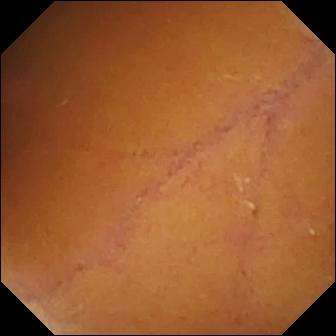VCE image
Finding: normal clean mucosa